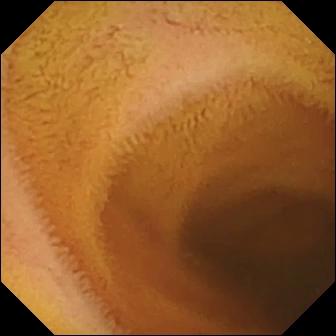VCE image of the small bowel showing normal clean mucosa.